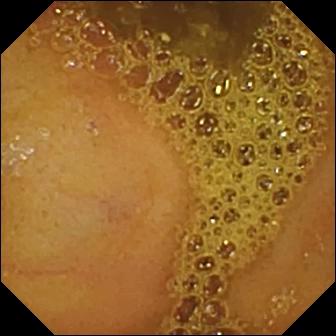modality: VCE | position: ileo-cecal valve region